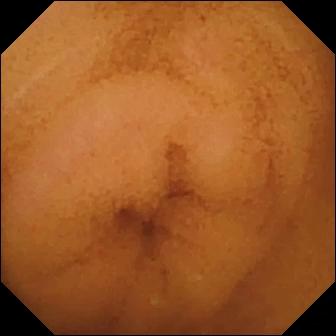Video capsule endoscopy view (small bowel). Normal clean mucosa.